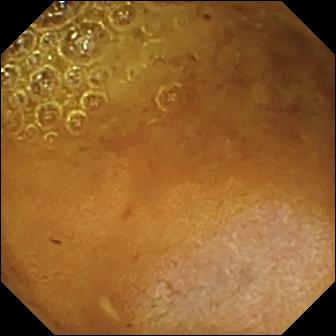VCE view
Finding: reduced mucosal view (content or bubbles obscuring the mucosa)